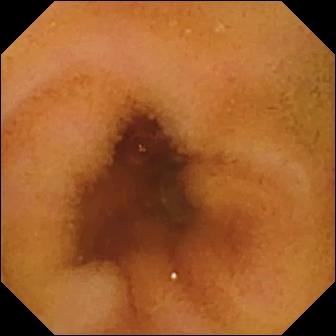Capsule endoscopy image. Normal clean mucosa.